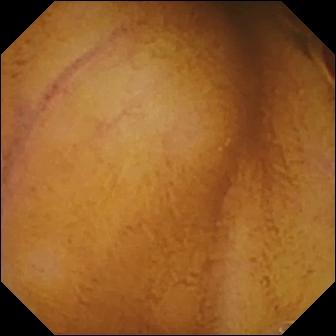Q: What does this WCE still of the small intestine show?
A: Normal clean mucosa.